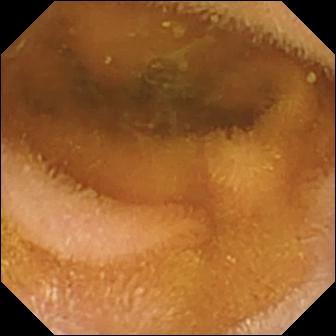WCE. Observation: normal clean mucosa.